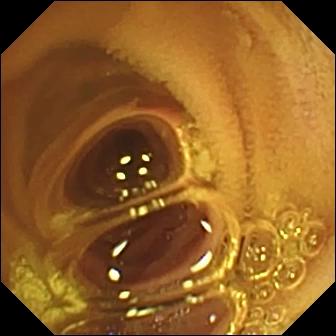Small-bowel capsule endoscopy snapshot, small intestine
Impression: normal clean mucosa